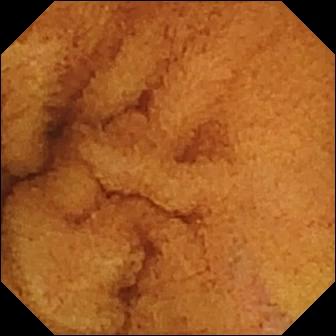Small-bowel capsule endoscopy image of the small intestine showing normal clean mucosa.